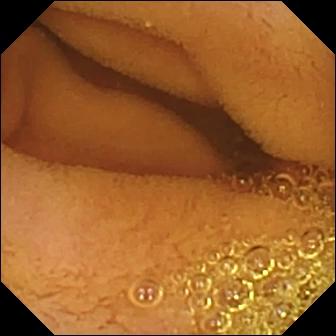VCE still
Finding: normal clean mucosa